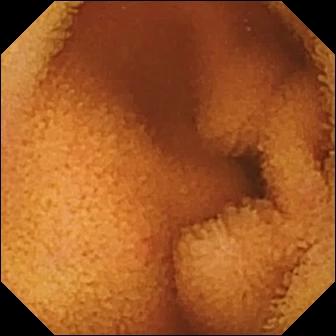Wireless capsule endoscopy view. Normal clean mucosa.